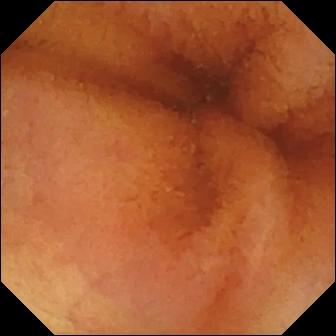This small-bowel capsule endoscopy frame of the small bowel shows normal clean mucosa.